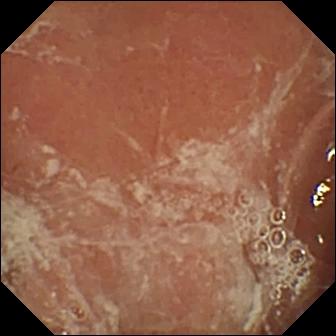This video capsule endoscopy still was taken in the pylorus region (the junction between the stomach and the small bowel).